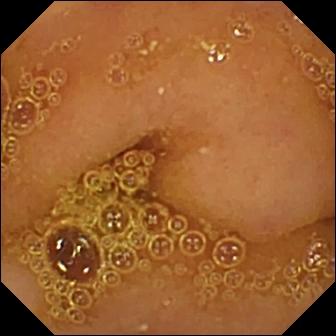Capsule endoscopy image
Finding: normal clean mucosa